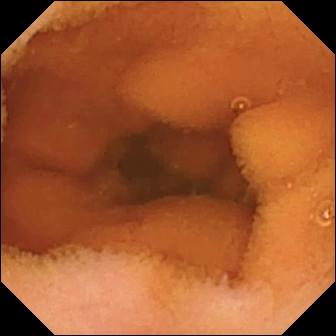PROCEDURE: WCE.
FINDINGS: Normal clean mucosa.